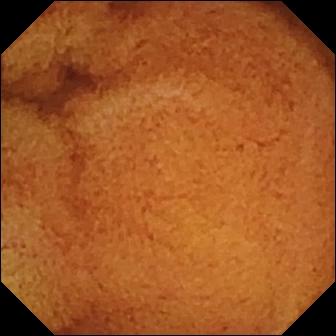- modality: WCE
- observation: normal clean mucosa